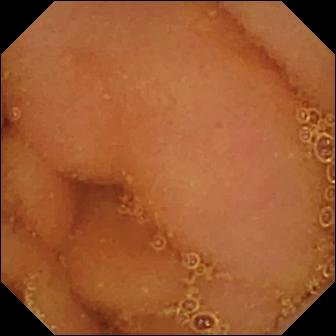This video capsule endoscopy still shows normal clean mucosa.